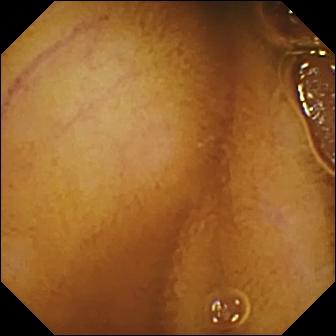{"modality": "WCE", "segment": "small intestine", "category": "luminal finding", "finding": "normal clean mucosa"}